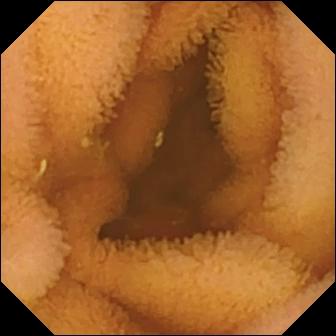Wireless capsule endoscopy. Small intestine. Impression: normal clean mucosa.